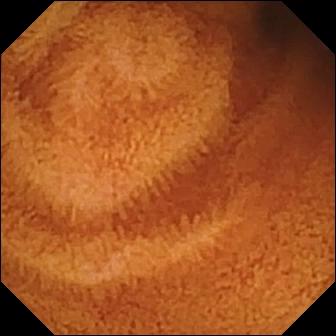This wireless capsule endoscopy still of the small bowel shows normal clean mucosa.